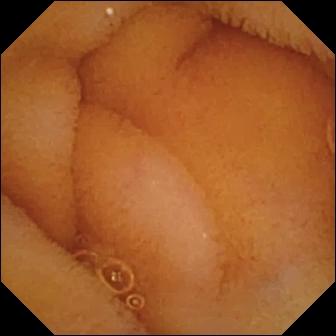Capsule endoscopy. Impression: normal clean mucosa.